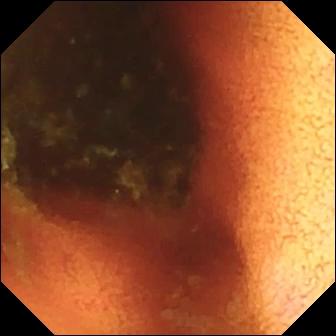modality: video capsule endoscopy | label: ileo-cecal valve region (where the capsule passes from the small bowel into the large bowel)